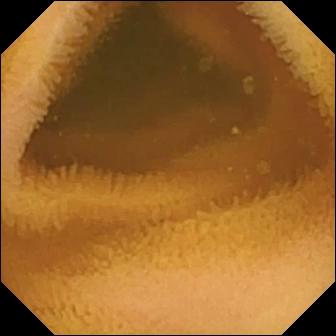This small-bowel capsule endoscopy frame of the small bowel shows normal clean mucosa.